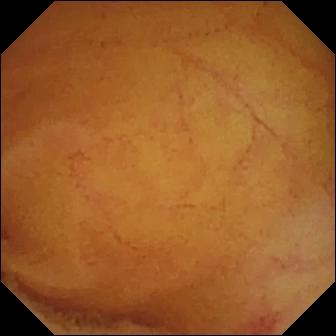Angiectasia — capsule endoscopy snapshot.